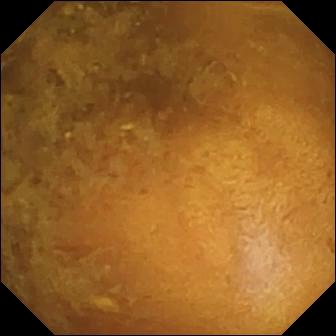Q: What does this wireless capsule endoscopy view show?
A: Reduced mucosal view (content or bubbles obscuring the mucosa).